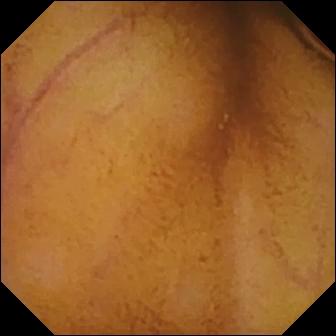{"modality": "VCE", "finding": "normal clean mucosa"}